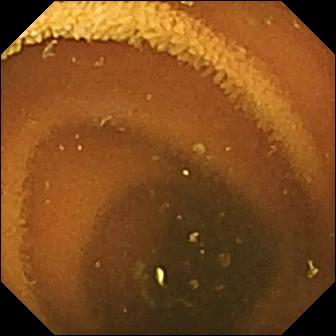VCE — normal clean mucosa.